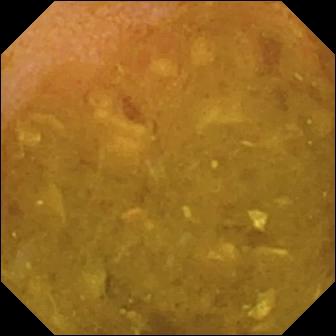{"modality": "WCE", "segment": "small bowel", "finding": "reduced mucosal view (content or bubbles obscuring the mucosa)"}